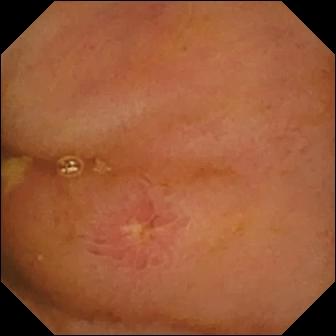Ulcer.